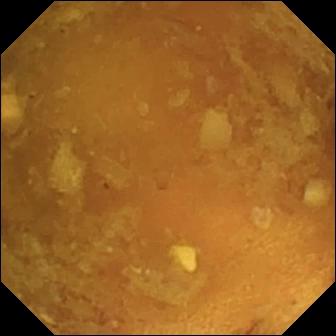VCE. Impression: reduced mucosal view (content or bubbles obscuring the mucosa).